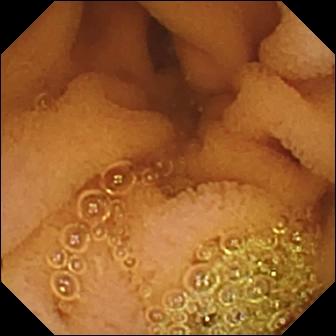Wireless capsule endoscopy frame
Impression: normal clean mucosa